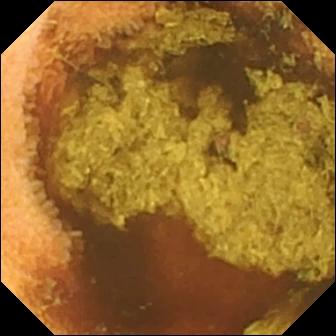VCE still (small intestine). Normal clean mucosa.